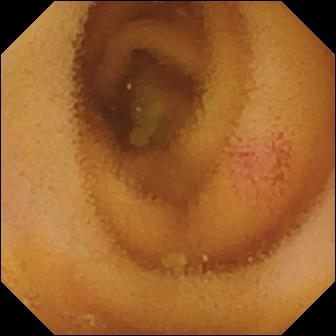Small-bowel capsule endoscopy view showing angiectasia.